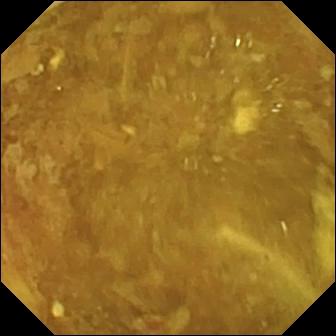VCE — reduced mucosal view (content or bubbles obscuring the mucosa).